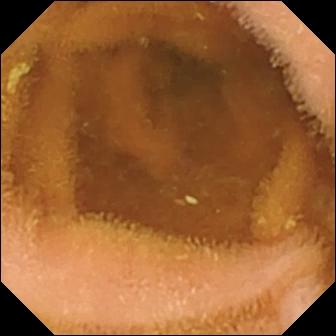PROCEDURE: Wireless capsule endoscopy.
SEGMENT: Small bowel.
FINDINGS: Normal clean mucosa.